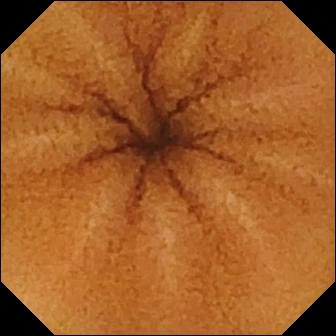PROCEDURE: WCE.
FINDINGS: Normal clean mucosa.